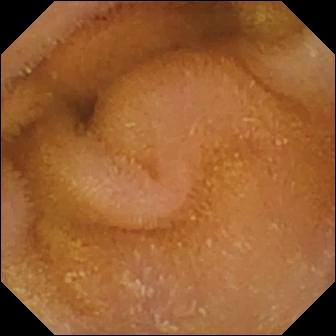modality: capsule endoscopy | segment: small intestine | observation: normal clean mucosa